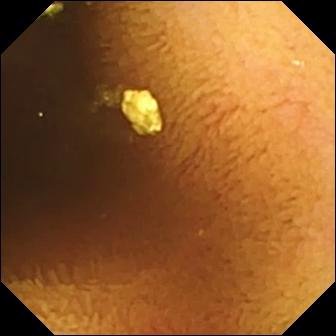Small-bowel capsule endoscopy view of the small bowel showing normal clean mucosa.